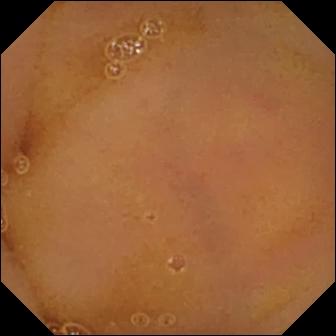modality: capsule endoscopy; impression: normal clean mucosa